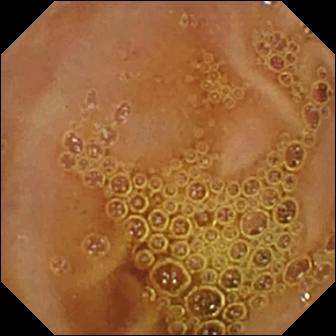Q: What does this VCE snapshot of the small intestine show?
A: Normal clean mucosa.